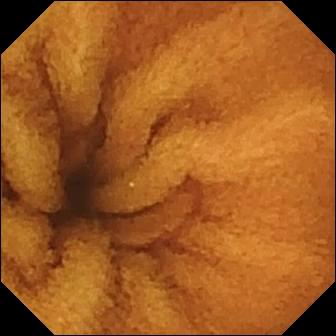Capsule endoscopy image
Label: normal clean mucosa